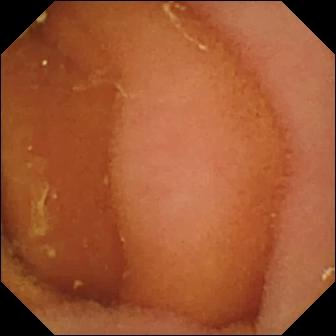PROCEDURE: WCE.
SEGMENT: Small bowel.
FINDINGS: Normal clean mucosa.